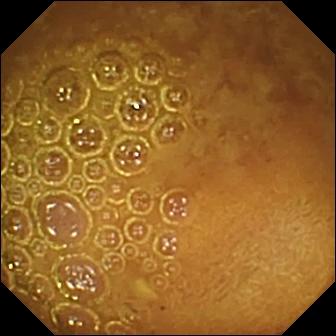Reduced mucosal view (content or bubbles obscuring the mucosa) — capsule endoscopy view.